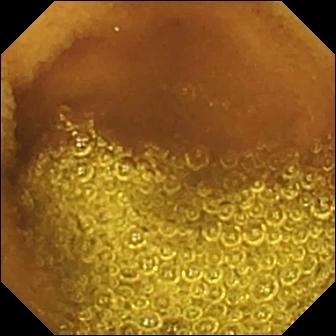Wireless capsule endoscopy frame (small bowel). Normal clean mucosa.